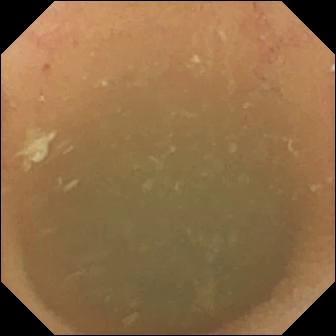Wireless capsule endoscopy view of the small intestine showing normal clean mucosa.